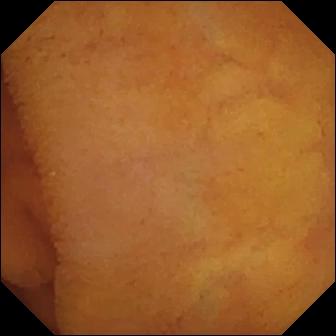modality: video capsule endoscopy; observation: normal clean mucosa